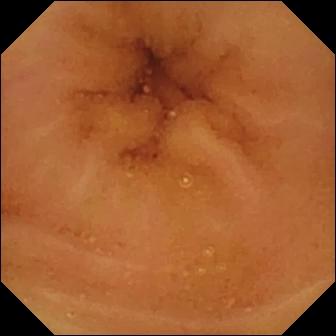- modality: VCE
- observation: normal clean mucosa